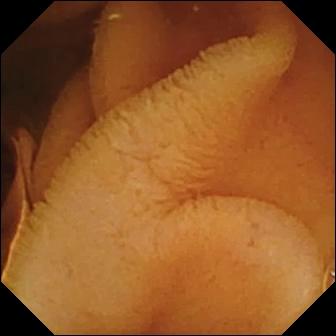Video capsule endoscopy. Small bowel. Finding: normal clean mucosa.